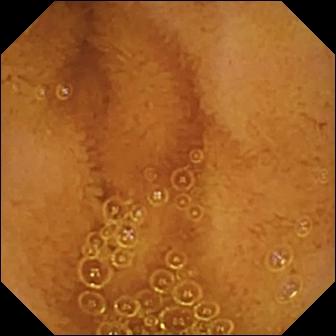modality: video capsule endoscopy; category: luminal finding; finding: normal clean mucosa